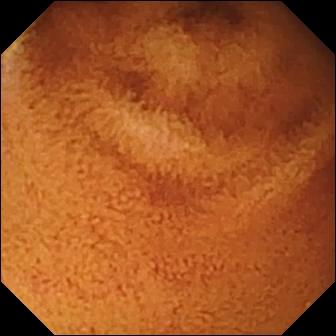Video capsule endoscopy view
Label: normal clean mucosa